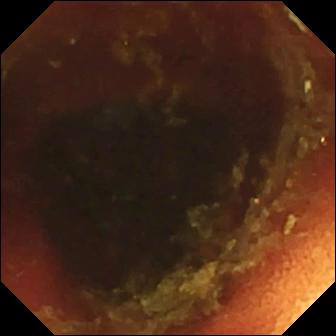Q: Where in the digestive tract was this WCE snapshot taken?
A: Ileo-cecal valve region (the transition from the small bowel to the large bowel).